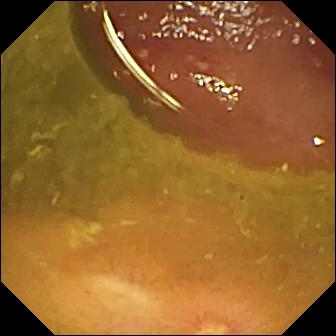Ulcer — capsule endoscopy frame.